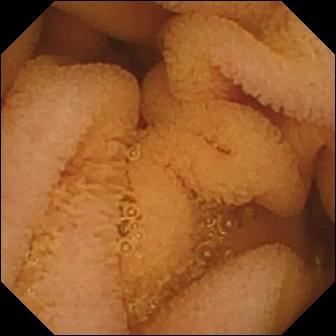VCE snapshot. Normal clean mucosa.